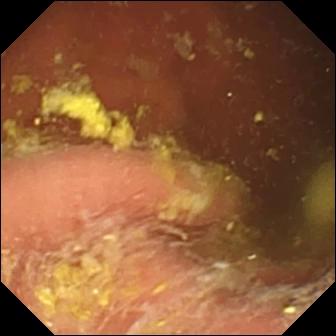VCE image showing foreign body (e.g. retained capsule, tablet residue).